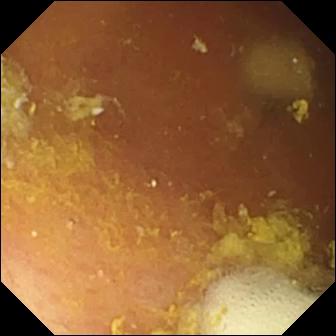This wireless capsule endoscopy image shows foreign body (e.g. retained capsule, tablet residue).